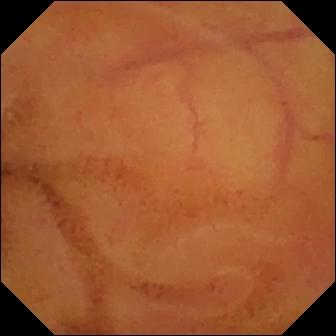VCE still showing normal clean mucosa.